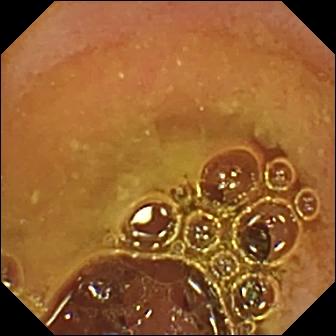WCE snapshot showing normal clean mucosa.